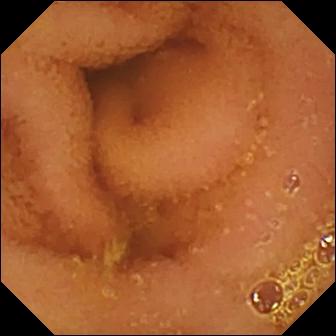Capsule endoscopy snapshot, small intestine
Finding: normal clean mucosa